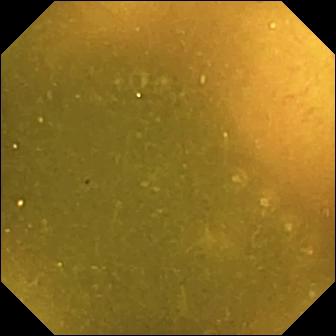VCE image. Taken in the ileo-cecal valve region (the transition from the small bowel to the large bowel).